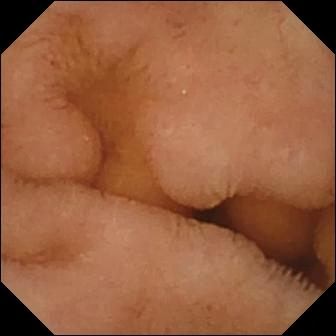- modality: VCE
- label: normal clean mucosa